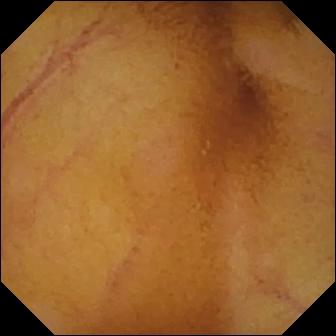Normal clean mucosa.